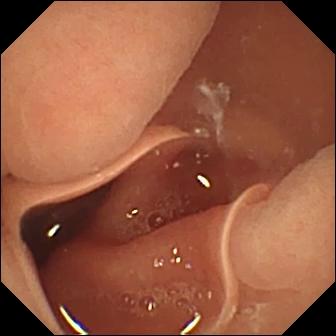Wireless capsule endoscopy snapshot. Normal clean mucosa.